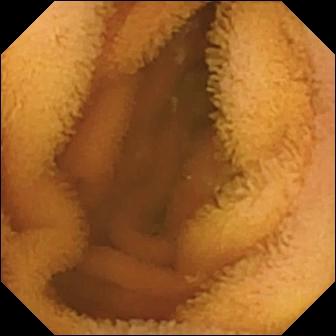This WCE still shows normal clean mucosa.